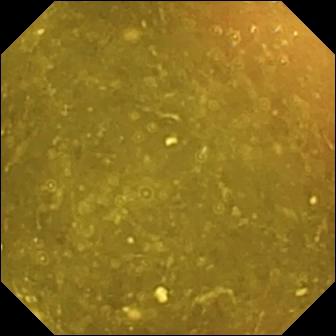- modality: WCE
- position: ileo-cecal valve region (where the capsule passes from the small bowel into the large bowel)